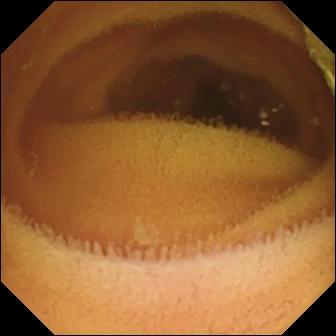{"modality": "WCE", "finding": "normal clean mucosa"}